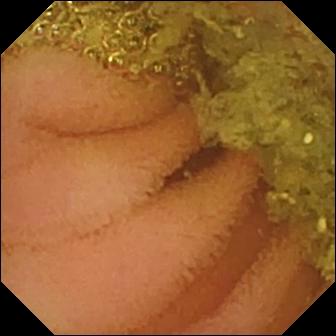- modality: small-bowel capsule endoscopy
- segment: small intestine
- label: normal clean mucosa